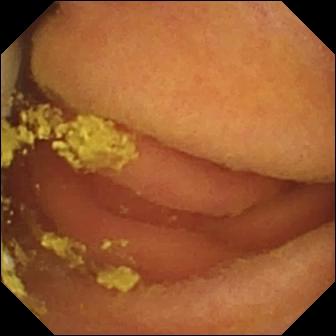{"modality": "VCE", "finding": "foreign body (e.g. retained capsule, tablet residue)"}